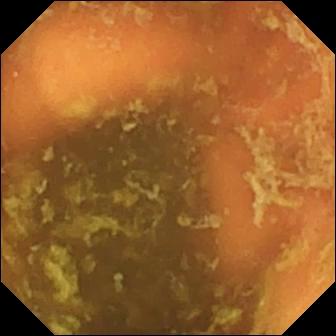Small-bowel capsule endoscopy snapshot taken in the ileo-cecal valve region (the transition from the small bowel to the large bowel).